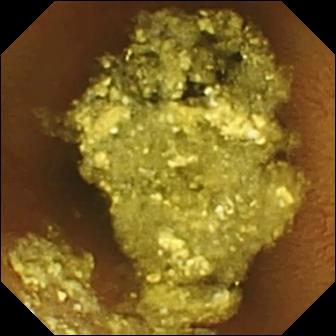- modality: small-bowel capsule endoscopy
- segment: small bowel
- observation: normal clean mucosa